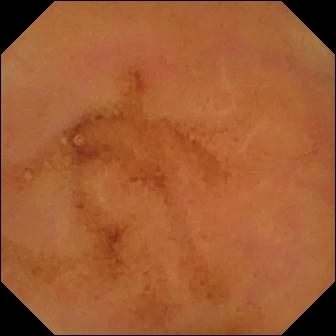This WCE frame of the small bowel shows normal clean mucosa.